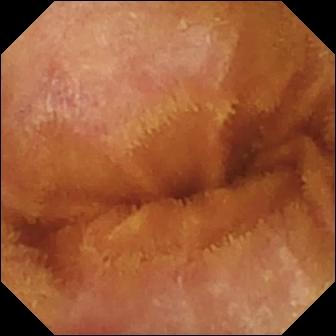PROCEDURE: Small-bowel capsule endoscopy.
FINDINGS: Normal clean mucosa.